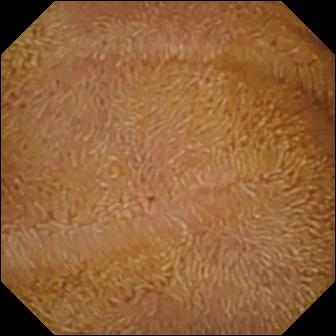Wireless capsule endoscopy view showing normal clean mucosa.